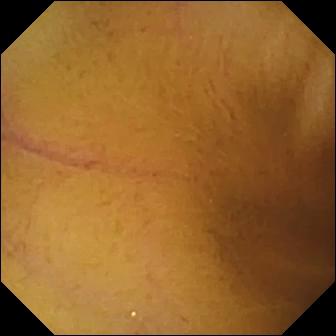{"modality": "VCE", "segment": "small bowel", "finding": "normal clean mucosa"}